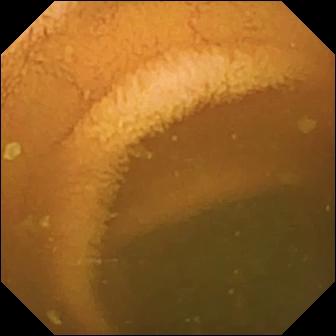Small-bowel capsule endoscopy still
Finding: normal clean mucosa